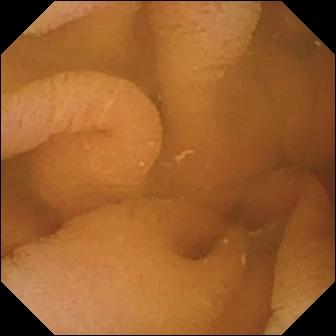Wireless capsule endoscopy frame showing normal clean mucosa.